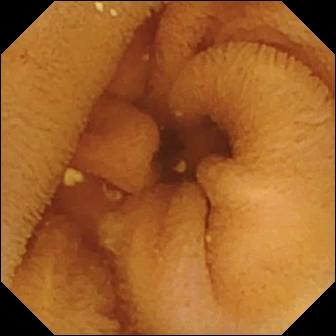Q: What does this wireless capsule endoscopy frame show?
A: Normal clean mucosa.